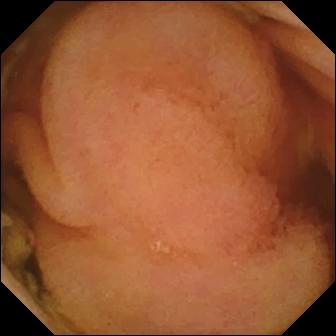- modality: VCE
- observation: polyp